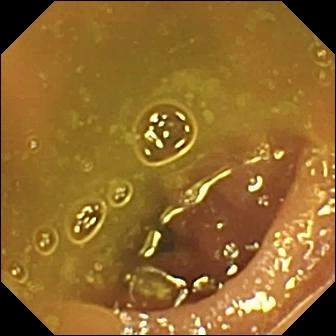WCE. Near an anatomical landmark. Location: ileo-cecal valve region (the transition from the small bowel to the large bowel).